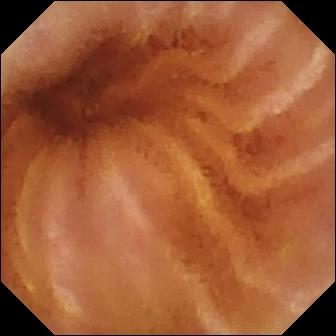Normal clean mucosa — capsule endoscopy image.